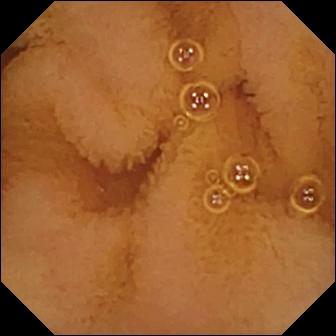VCE — normal clean mucosa.